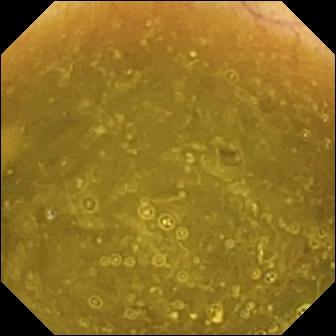WCE view
Position: ileo-cecal valve region